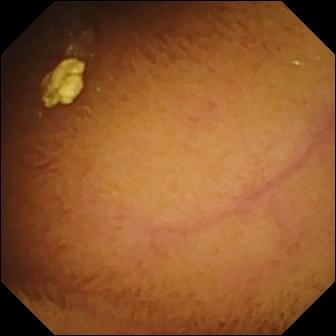VCE snapshot showing normal clean mucosa.